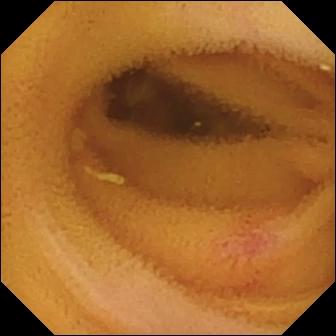Wireless capsule endoscopy still showing angiectasia.